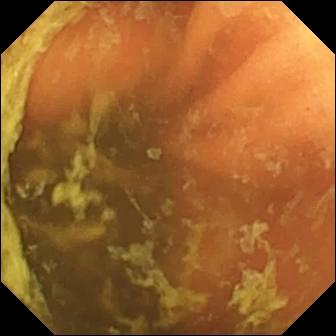Ileo-cecal valve region.